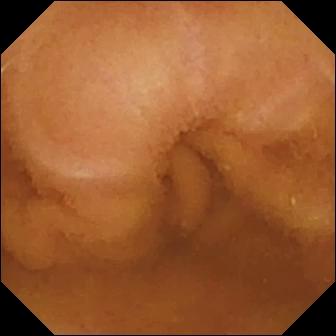Normal clean mucosa.